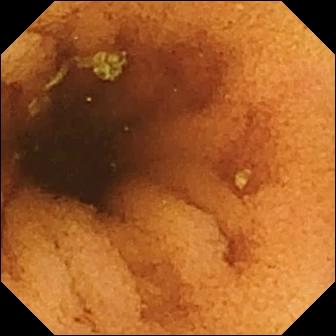Video capsule endoscopy — normal clean mucosa.